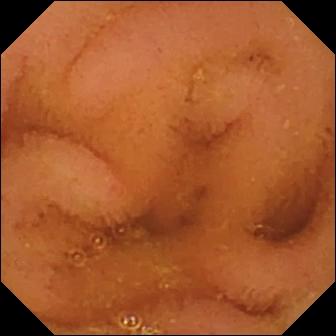Wireless capsule endoscopy snapshot (small bowel). Normal clean mucosa.